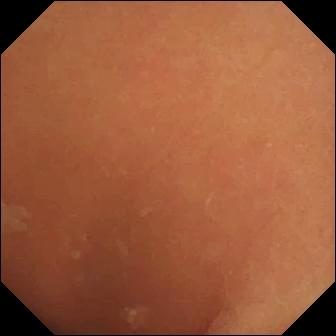Normal clean mucosa.